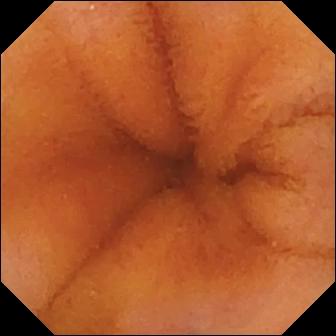Small-bowel capsule endoscopy — normal clean mucosa.